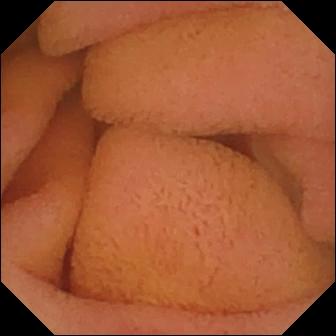WCE still
Finding: normal clean mucosa